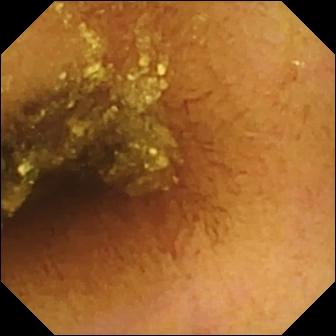Wireless capsule endoscopy frame of the small intestine showing normal clean mucosa.